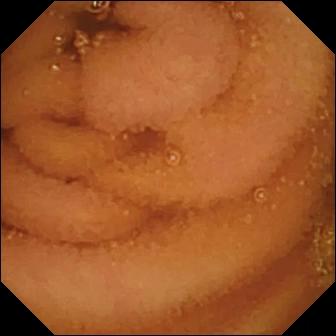VCE. Small intestine. Label: normal clean mucosa.